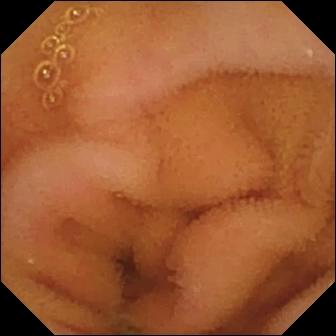Q: What does this video capsule endoscopy still of the small intestine show?
A: Normal clean mucosa.